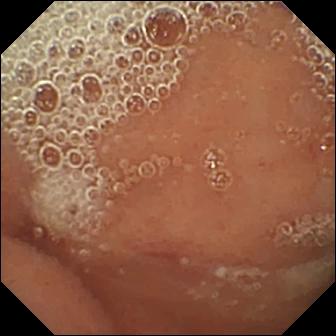modality: WCE; segment: small bowel; label: normal clean mucosa